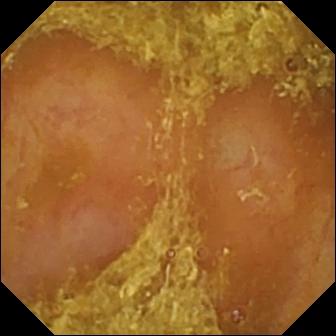Small-bowel capsule endoscopy frame (small intestine), 336×336. Reduced mucosal view (content or bubbles obscuring the mucosa).